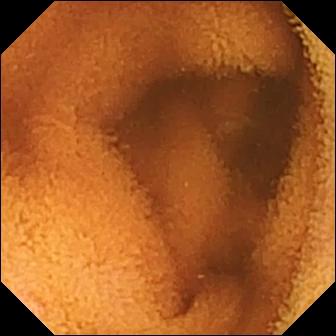modality: video capsule endoscopy
category: luminal finding
impression: normal clean mucosa